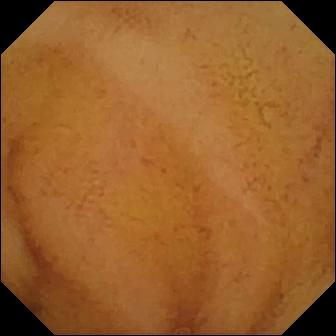{"modality": "video capsule endoscopy", "segment": "small intestine", "category": "luminal finding", "finding": "normal clean mucosa"}